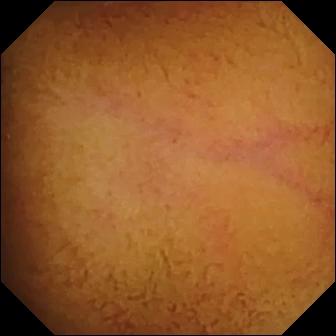Normal clean mucosa — capsule endoscopy snapshot.